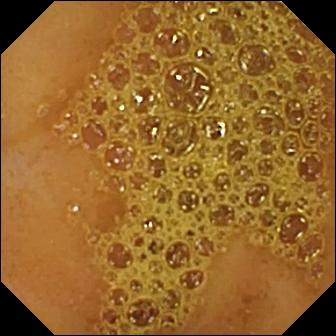Capsule endoscopy frame taken in the ileo-cecal valve region (the transition from the small bowel to the large bowel).